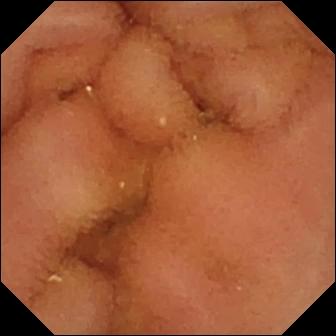{"modality": "WCE", "segment": "small bowel", "finding": "normal clean mucosa"}